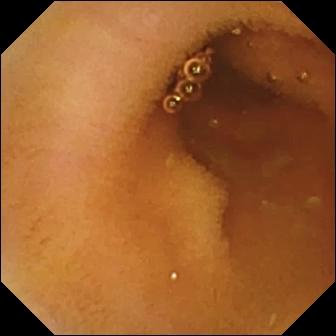PROCEDURE: Capsule endoscopy.
SEGMENT: Small bowel.
FINDINGS: Normal clean mucosa.